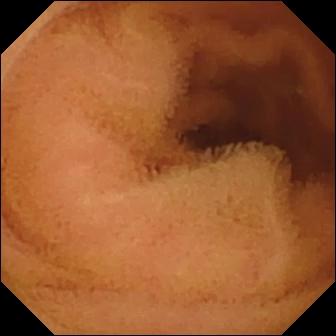WCE. Small intestine. Luminal finding. Observation: normal clean mucosa.